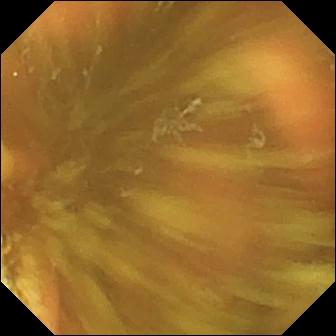Ileo-cecal valve region (where the capsule passes from the small bowel into the large bowel) — video capsule endoscopy still.